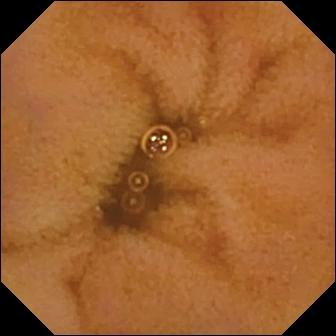Small-bowel capsule endoscopy. Observation: normal clean mucosa.